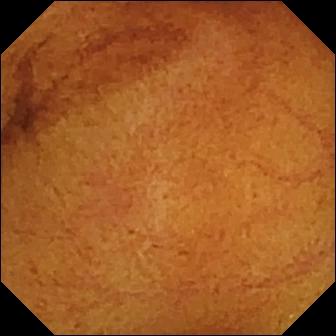VCE still, small bowel
Finding: normal clean mucosa